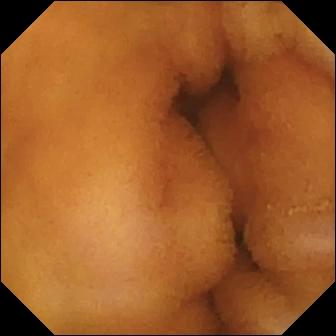Normal clean mucosa — capsule endoscopy image of the small bowel.